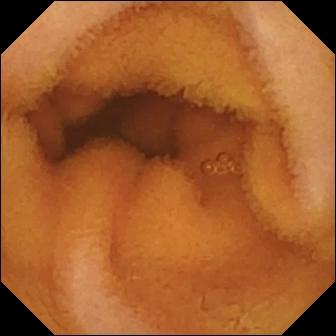VCE frame (small intestine). Normal clean mucosa.